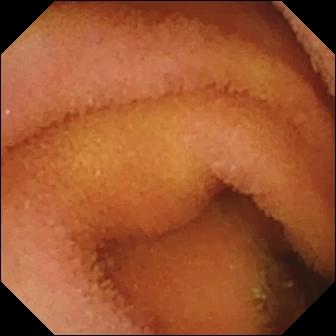Normal clean mucosa — VCE image.